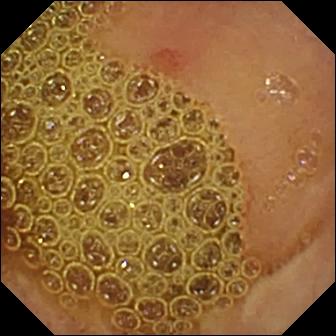Erosion — wireless capsule endoscopy snapshot.